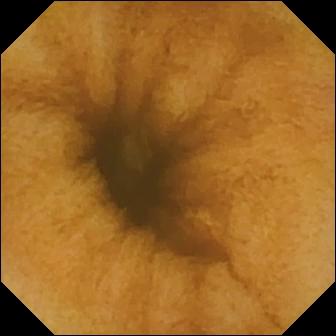VCE still, small bowel
Finding: normal clean mucosa